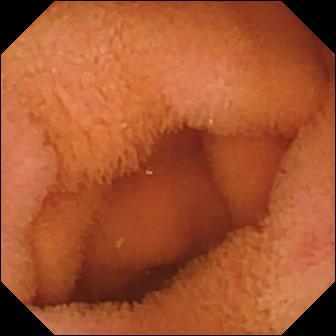PROCEDURE: Capsule endoscopy.
FINDINGS: Normal clean mucosa.